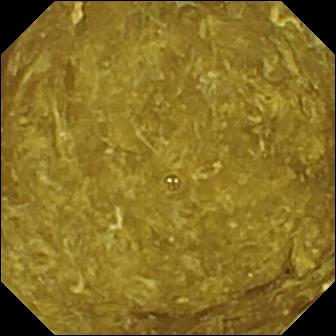Q: What does this VCE frame show?
A: Reduced mucosal view (content or bubbles obscuring the mucosa).